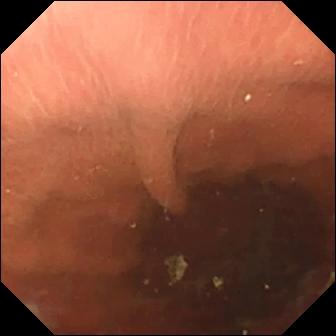Capsule endoscopy view taken in the pylorus region (where the capsule passes from the stomach into the small bowel).